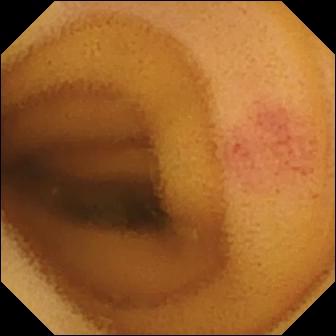This WCE view shows angiectasia.